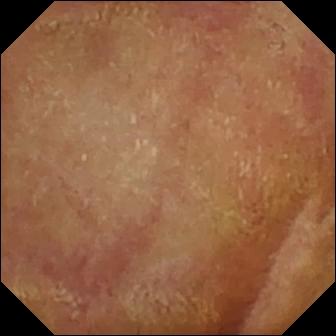WCE. Small bowel. Finding: normal clean mucosa.